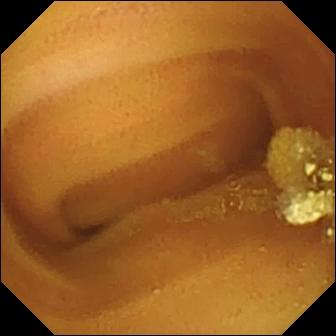Wireless capsule endoscopy frame
Observation: lymphangiectasia